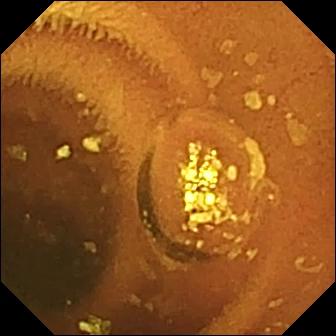Q: What does this capsule endoscopy image of the small bowel show?
A: Normal clean mucosa.